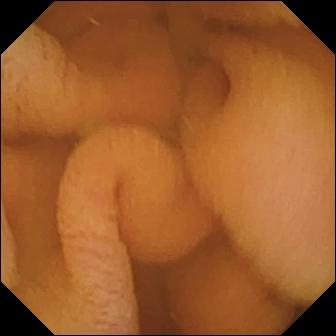- modality: capsule endoscopy
- category: luminal finding
- finding: normal clean mucosa